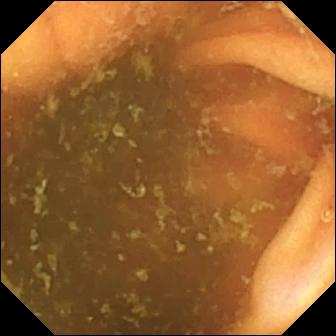- modality: capsule endoscopy
- position: ileo-cecal valve region (where the capsule passes from the small bowel into the large bowel)